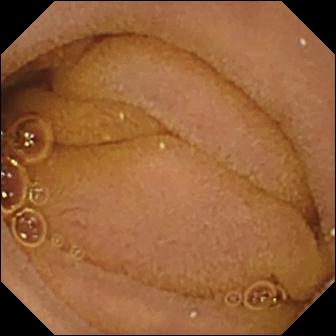VCE image (small bowel). Normal clean mucosa.